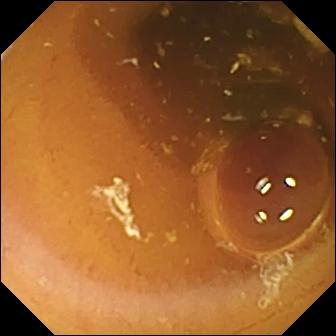PROCEDURE: VCE.
SEGMENT: Small intestine.
FINDINGS: Normal clean mucosa.